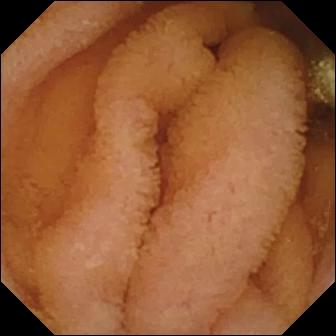VCE. Impression: normal clean mucosa.